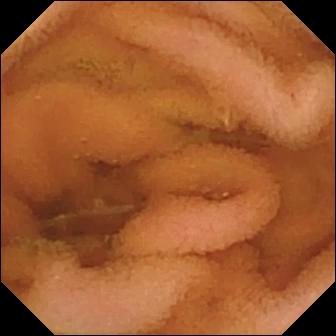Normal clean mucosa.